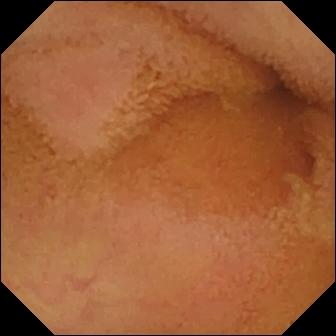PROCEDURE: WCE.
SEGMENT: Small bowel.
FINDINGS: Normal clean mucosa.